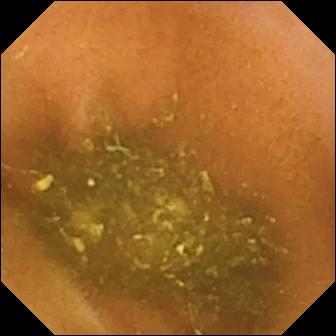Video capsule endoscopy — ileo-cecal valve region (the transition from the small bowel to the large bowel).